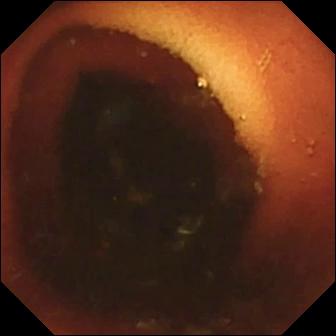Ileo-cecal valve region, 336×336.